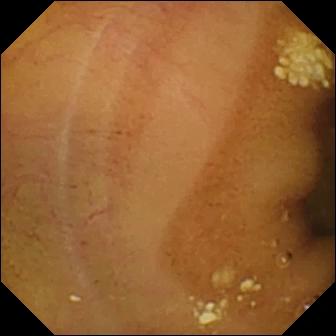Video capsule endoscopy still
Finding: lymphangiectasia